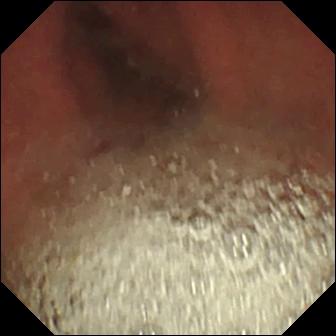Capsule endoscopy — pylorus region.